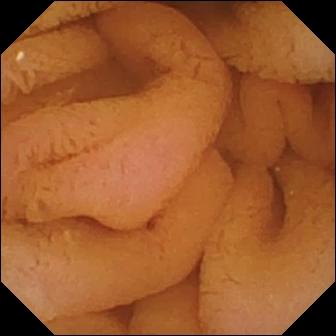Video capsule endoscopy image, small bowel
Label: normal clean mucosa